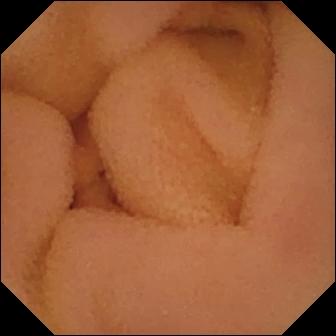Q: What does this video capsule endoscopy frame show?
A: Normal clean mucosa.